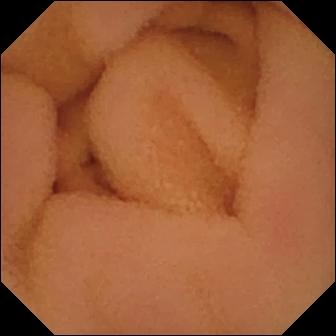WCE. Small bowel. Observation: normal clean mucosa.